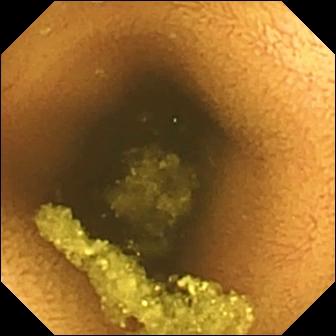This video capsule endoscopy view shows normal clean mucosa.